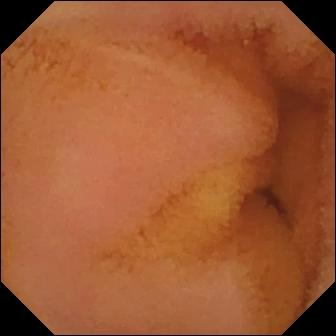WCE — normal clean mucosa.